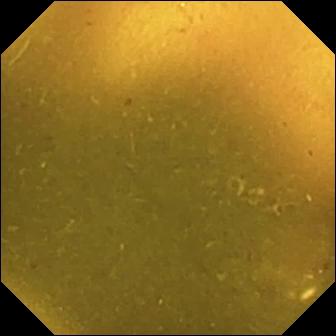Video capsule endoscopy. Video segment: ileo-cecal valve region (the transition from the small bowel to the large bowel).